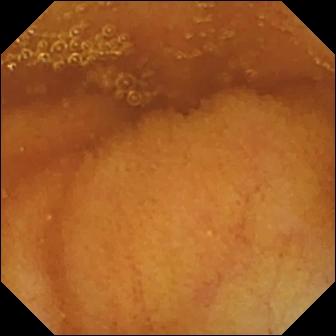Q: What does this capsule endoscopy snapshot show?
A: Normal clean mucosa.